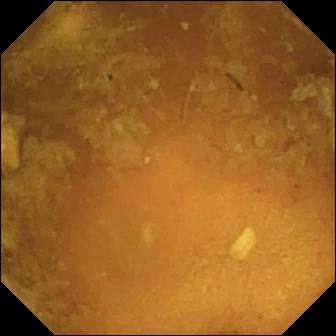Small-bowel capsule endoscopy view (small intestine). Reduced mucosal view (content or bubbles obscuring the mucosa).